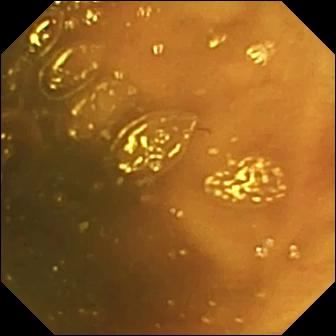WCE snapshot
Video segment: ileo-cecal valve region (where the capsule passes from the small bowel into the large bowel)